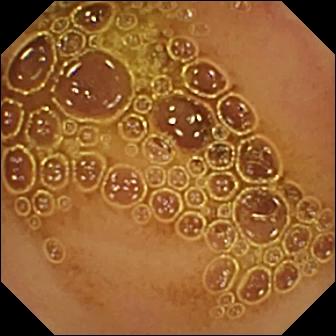VCE — normal clean mucosa.